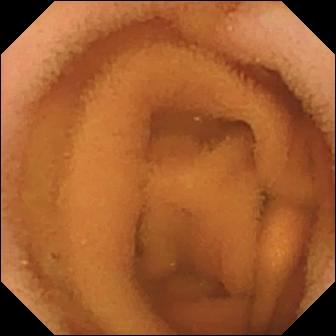Small-bowel capsule endoscopy view of the small intestine showing normal clean mucosa.